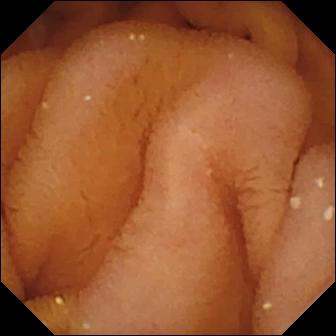Pylorus region (the junction between the stomach and the small bowel).